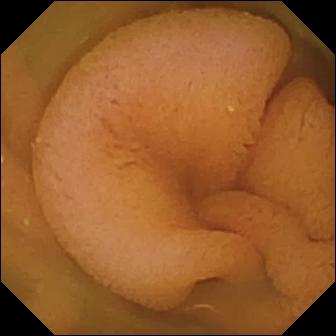Normal clean mucosa — WCE image of the small intestine.